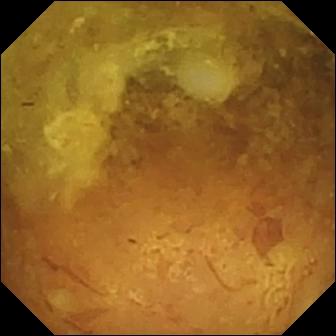modality: WCE
finding: reduced mucosal view (content or bubbles obscuring the mucosa)